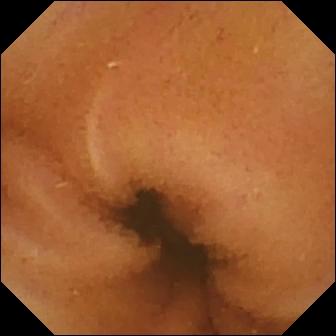- modality: VCE
- impression: normal clean mucosa